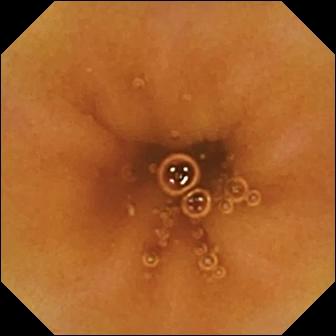modality: small-bowel capsule endoscopy
label: normal clean mucosa